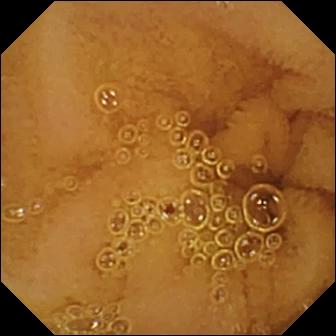Normal clean mucosa — capsule endoscopy frame of the small bowel.